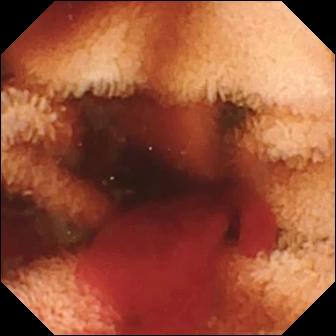Fresh blood in the lumen — capsule endoscopy snapshot.